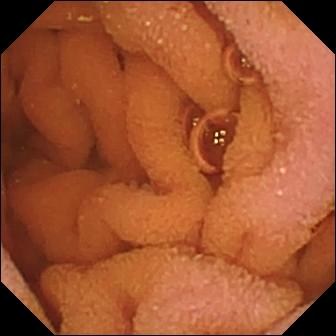modality: small-bowel capsule endoscopy; segment: small intestine; category: luminal finding; observation: normal clean mucosa